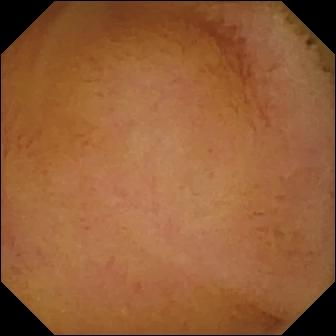Normal clean mucosa — wireless capsule endoscopy image.